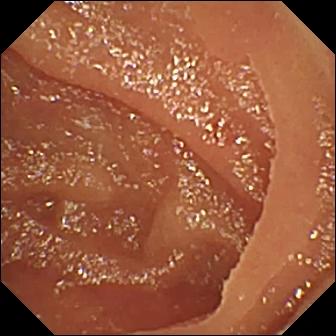Angiectasia.